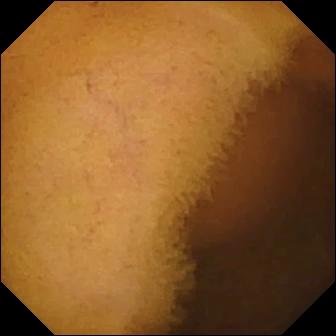PROCEDURE: Capsule endoscopy.
SEGMENT: Small bowel.
FINDINGS: Normal clean mucosa.